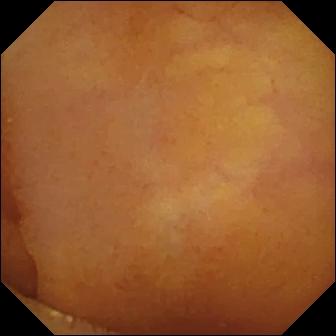WCE still showing normal clean mucosa.